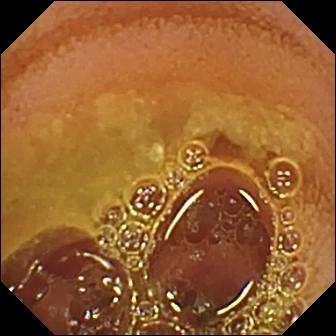This video capsule endoscopy image shows normal clean mucosa.